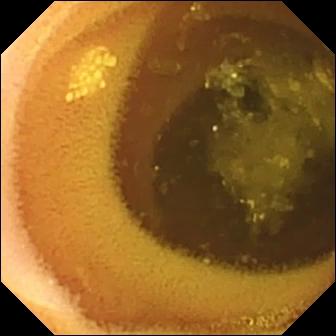WCE — lymphangiectasia.